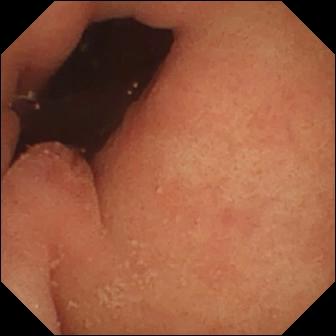VCE. Position: pylorus region (where the capsule passes from the stomach into the small bowel).